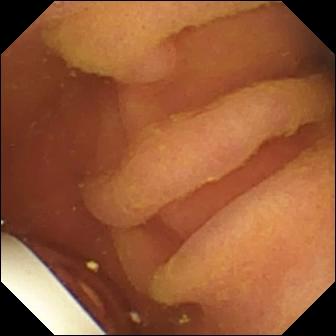Foreign body (e.g. retained capsule, tablet residue) — wireless capsule endoscopy view.